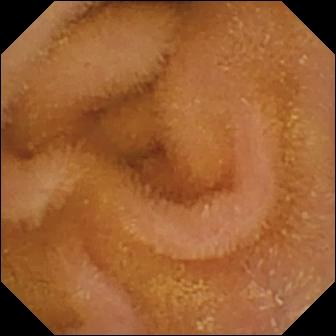Capsule endoscopy view showing normal clean mucosa.